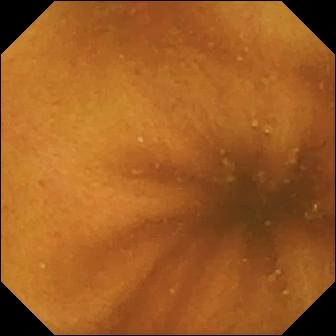modality: video capsule endoscopy | finding: normal clean mucosa